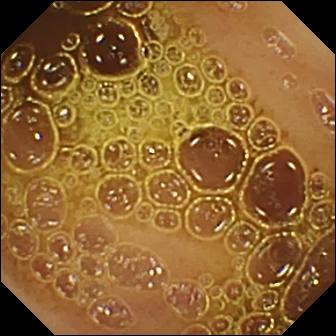Normal clean mucosa — WCE still.